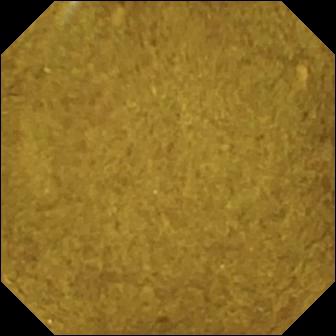- modality: wireless capsule endoscopy
- position: ileo-cecal valve region (where the capsule passes from the small bowel into the large bowel)